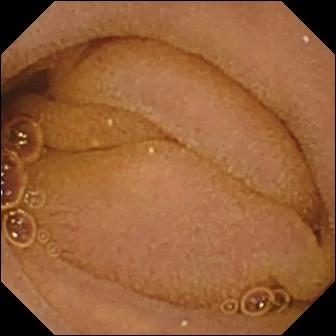VCE. Small bowel. Label: normal clean mucosa.